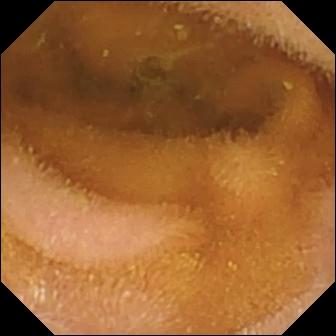VCE. Small intestine. Label: normal clean mucosa.